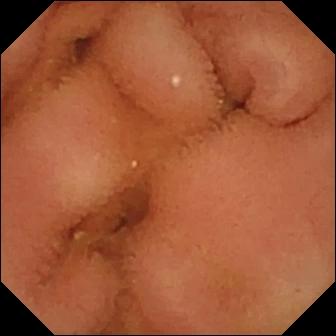modality: WCE
segment: small bowel
finding: normal clean mucosa